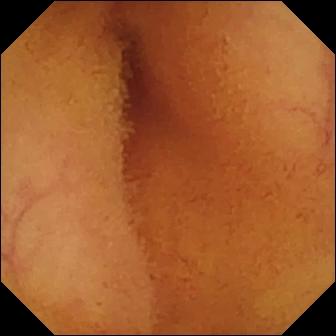Capsule endoscopy image (small bowel). Normal clean mucosa.